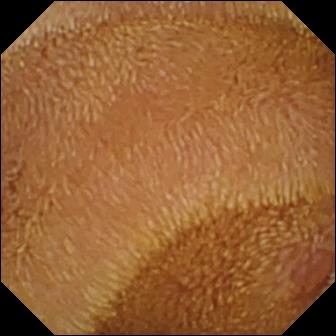Erosion — WCE view.